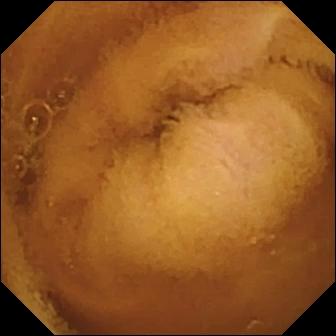Normal clean mucosa.